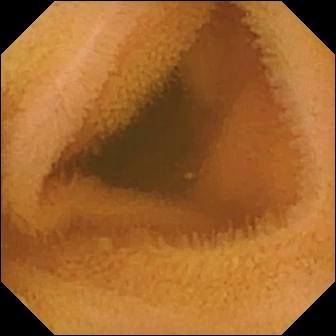Video capsule endoscopy snapshot. Normal clean mucosa.